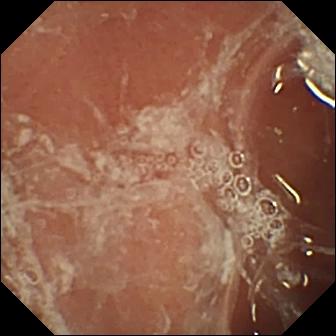modality: VCE | video segment: pylorus region (the junction between the stomach and the small bowel)